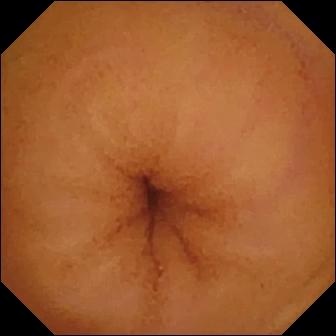Normal clean mucosa — WCE snapshot.